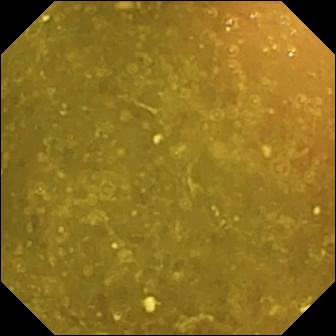{"modality": "wireless capsule endoscopy", "position": "ileo-cecal valve region"}